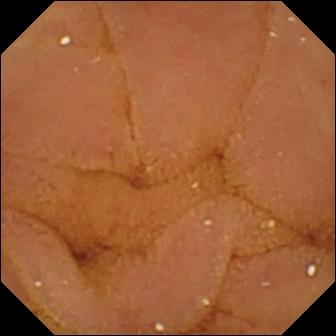Small-bowel capsule endoscopy still showing normal clean mucosa.